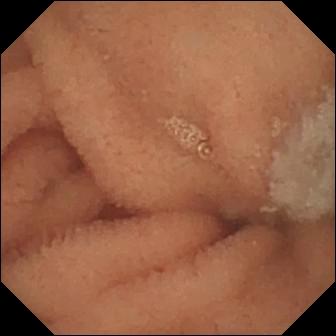Video capsule endoscopy — normal clean mucosa.